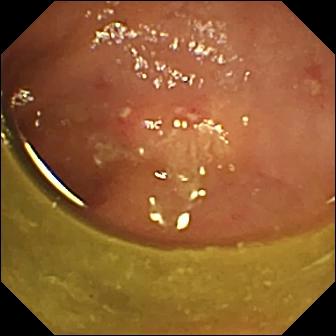- modality: small-bowel capsule endoscopy
- impression: ulcer